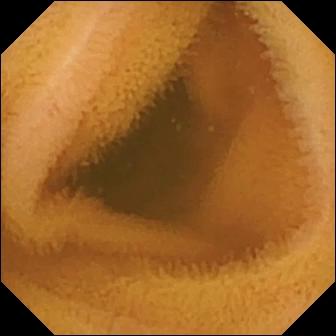- modality: video capsule endoscopy
- segment: small bowel
- impression: normal clean mucosa